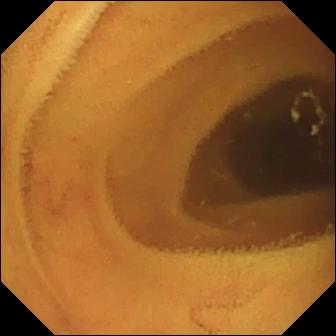{"modality": "video capsule endoscopy", "segment": "small bowel", "finding": "normal clean mucosa"}